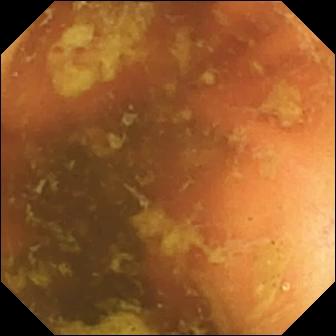This video capsule endoscopy view was taken in the ileo-cecal valve region.